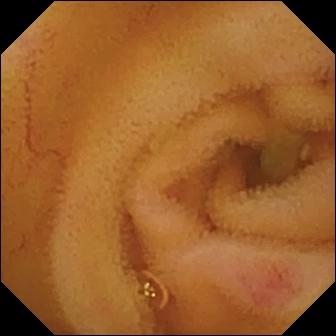Angiectasia — wireless capsule endoscopy snapshot.